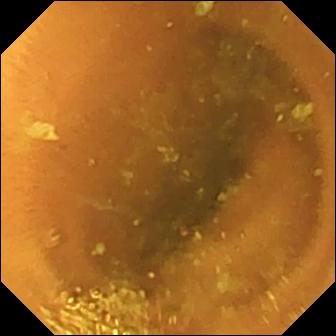modality: wireless capsule endoscopy; segment: small bowel; category: luminal finding; observation: normal clean mucosa